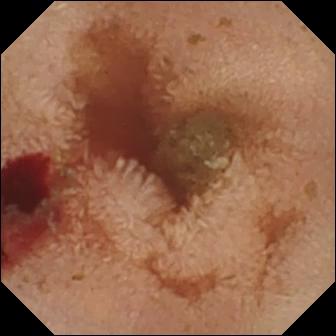modality: WCE
category: luminal finding
observation: fresh blood in the lumen